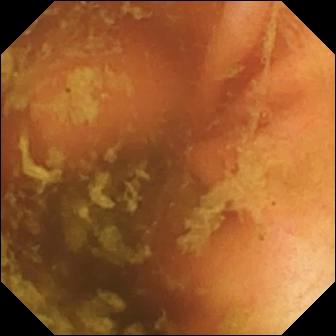modality: wireless capsule endoscopy | position: ileo-cecal valve region